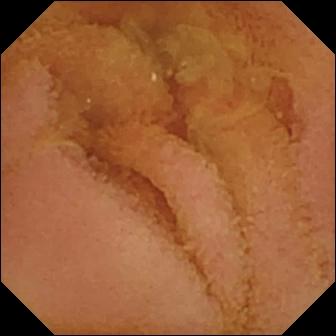WCE frame, small intestine
Observation: normal clean mucosa